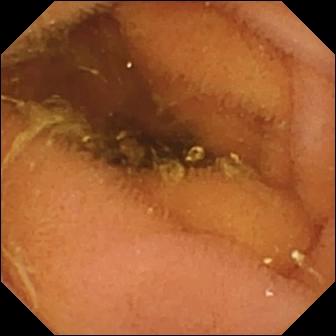This VCE still shows normal clean mucosa.